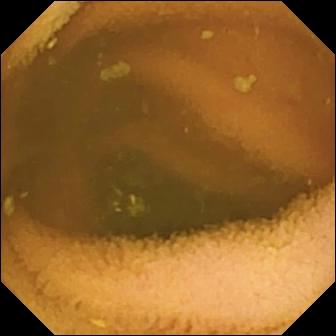Capsule endoscopy view (small intestine). Normal clean mucosa.